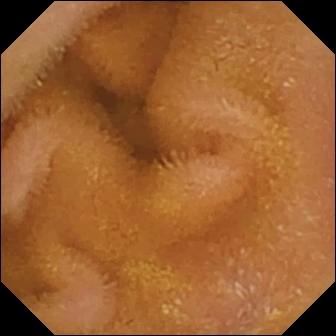This wireless capsule endoscopy snapshot shows normal clean mucosa.